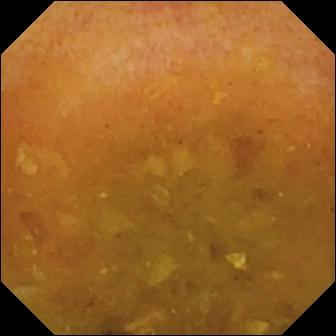Wireless capsule endoscopy. Label: reduced mucosal view (content or bubbles obscuring the mucosa).